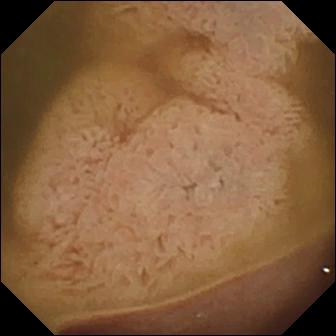Wireless capsule endoscopy — ileo-cecal valve region.